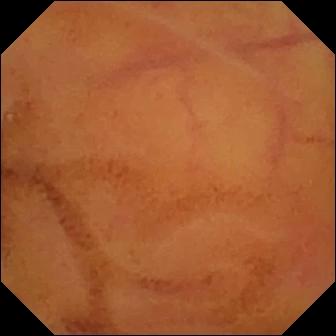Small-bowel capsule endoscopy snapshot showing normal clean mucosa.